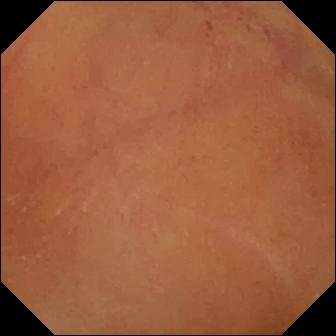{"modality": "VCE", "finding": "normal clean mucosa"}